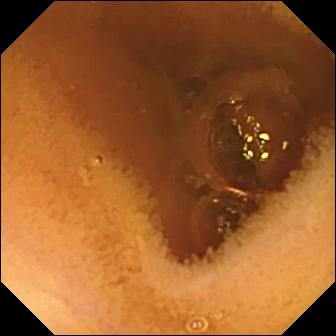This video capsule endoscopy snapshot shows normal clean mucosa.